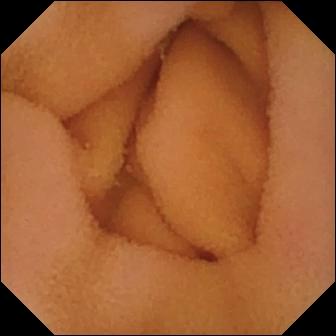VCE image showing normal clean mucosa.